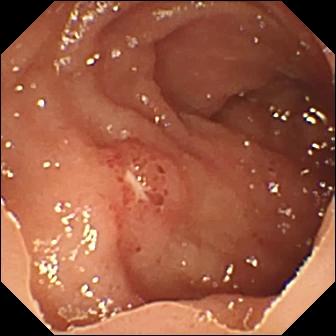modality: wireless capsule endoscopy; impression: ulcer